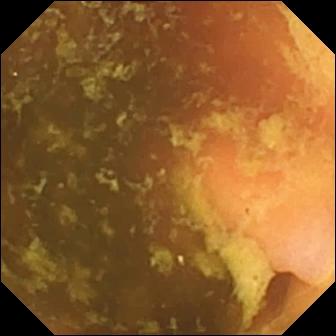VCE image
Label: ileo-cecal valve region (the transition from the small bowel to the large bowel)